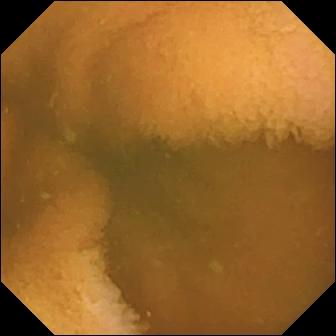Wireless capsule endoscopy view (small bowel), 336×336. Normal clean mucosa.